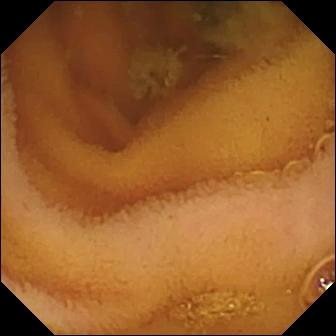VCE — normal clean mucosa.